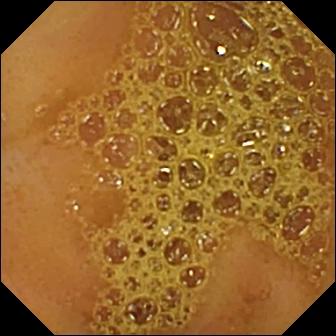- modality: video capsule endoscopy
- location: ileo-cecal valve region